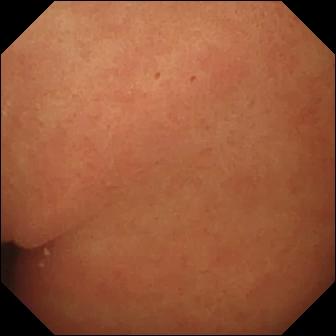VCE view. Taken in the pylorus region (the junction between the stomach and the small bowel).